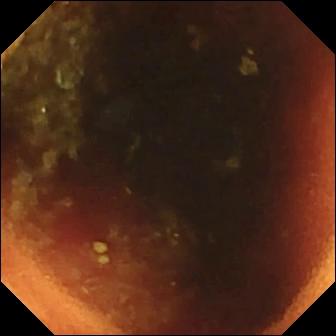Video capsule endoscopy frame
Video segment: ileo-cecal valve region (where the capsule passes from the small bowel into the large bowel)